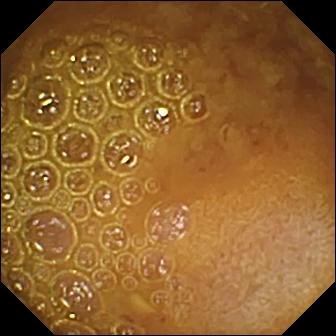Wireless capsule endoscopy snapshot
Impression: reduced mucosal view (content or bubbles obscuring the mucosa)